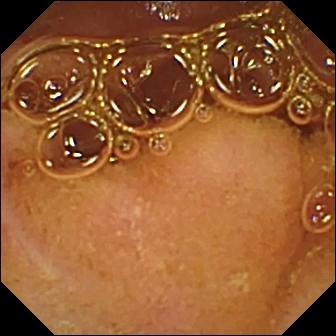WCE. Impression: normal clean mucosa.